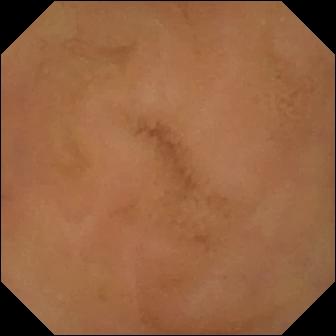This WCE snapshot shows normal clean mucosa.